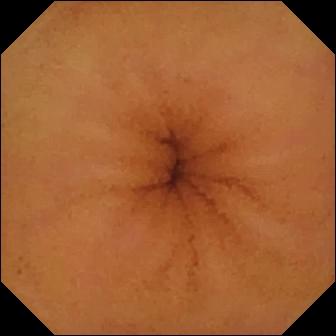modality: wireless capsule endoscopy
segment: small bowel
finding: normal clean mucosa